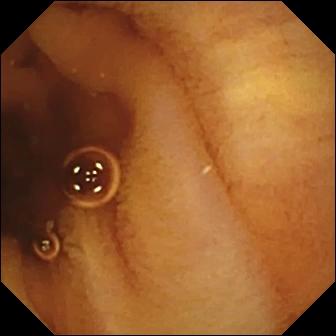- modality: wireless capsule endoscopy
- segment: small bowel
- observation: normal clean mucosa